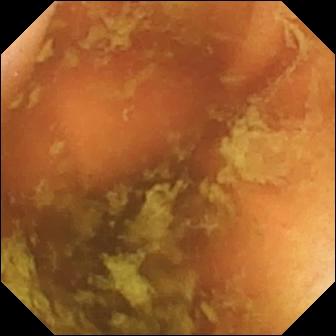Capsule endoscopy view
Label: ileo-cecal valve region (the transition from the small bowel to the large bowel)